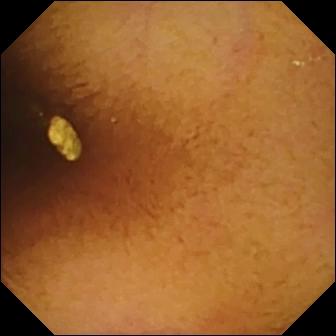PROCEDURE: WCE.
FINDINGS: Normal clean mucosa.